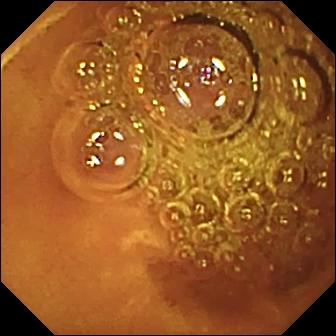This WCE still shows normal clean mucosa.